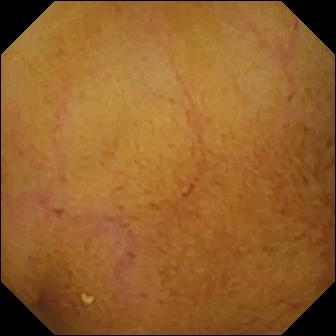Normal clean mucosa — small-bowel capsule endoscopy view of the small intestine.